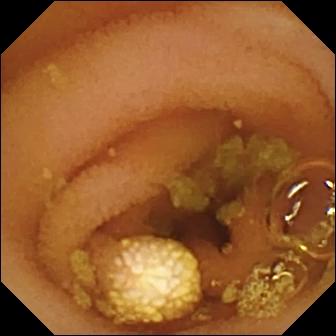Capsule endoscopy view
Finding: lymphangiectasia